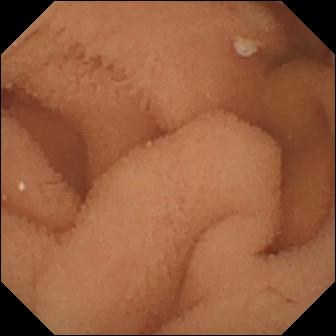Normal clean mucosa — capsule endoscopy snapshot.